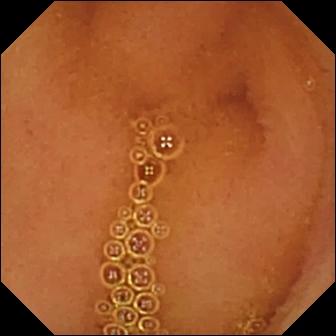Normal clean mucosa.